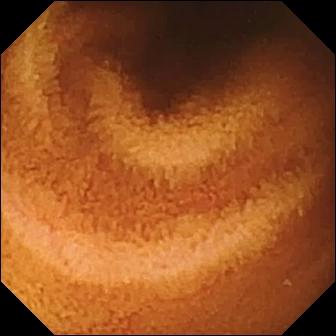WCE view. Normal clean mucosa.